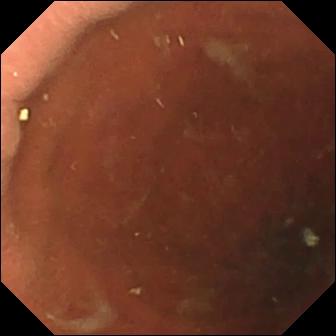- modality: WCE
- video segment: pylorus region (the junction between the stomach and the small bowel)